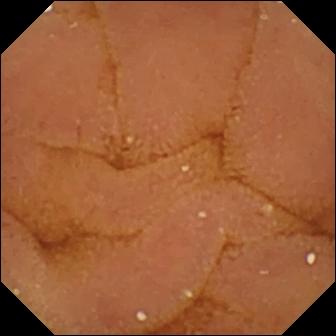- modality: VCE
- segment: small bowel
- impression: normal clean mucosa